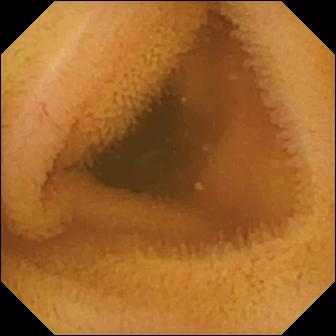Video capsule endoscopy still showing normal clean mucosa.